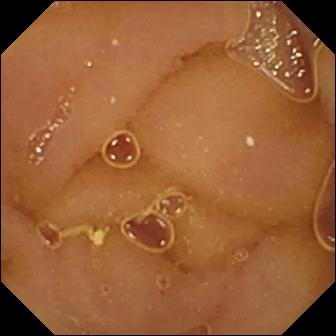This capsule endoscopy still shows normal clean mucosa.